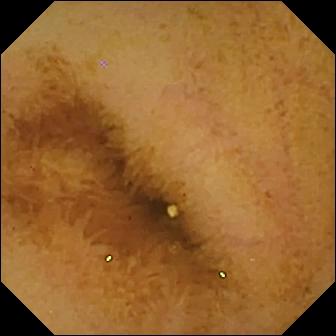Normal clean mucosa — capsule endoscopy snapshot.